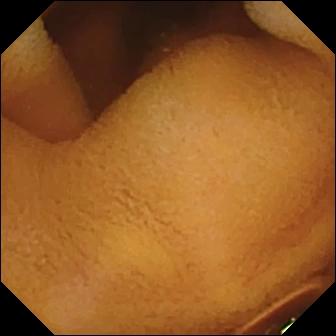PROCEDURE: WCE.
FINDINGS: Normal clean mucosa.